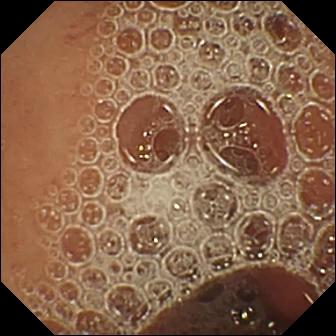Normal clean mucosa — VCE view.